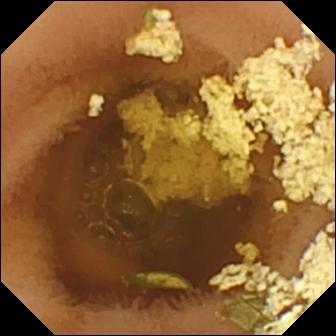Normal clean mucosa — WCE image.